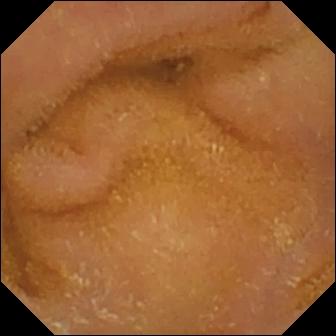Capsule endoscopy snapshot, small intestine
Finding: normal clean mucosa